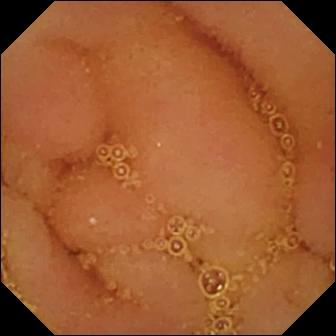Wireless capsule endoscopy view, small intestine
Label: normal clean mucosa